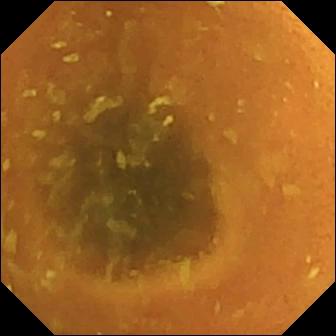Capsule endoscopy. Small intestine. Finding: normal clean mucosa.